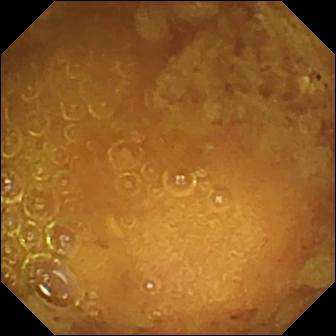Reduced mucosal view (content or bubbles obscuring the mucosa) (336×336).